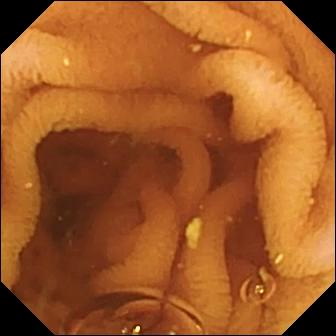PROCEDURE: VCE.
FINDINGS: Normal clean mucosa.